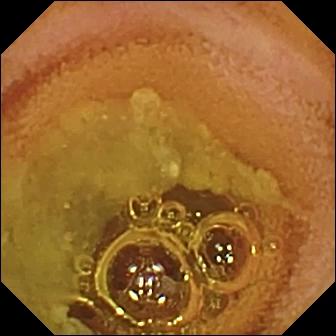Small-bowel capsule endoscopy. Luminal finding. Impression: normal clean mucosa.